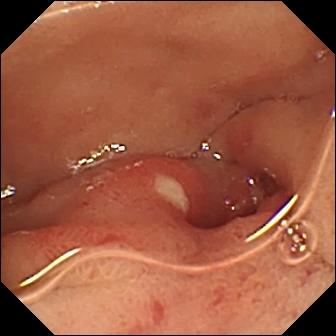modality: capsule endoscopy
finding: ulcer